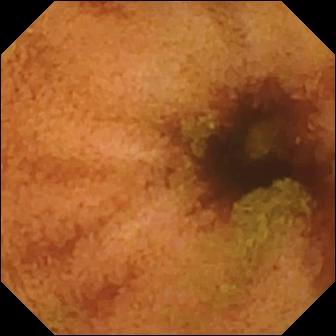modality: wireless capsule endoscopy; category: luminal finding; finding: normal clean mucosa